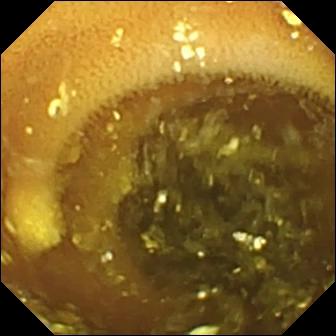{"modality": "capsule endoscopy", "category": "luminal finding", "finding": "lymphangiectasia"}